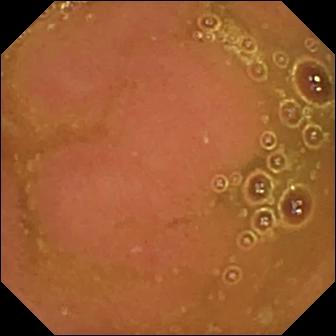Normal clean mucosa — capsule endoscopy still.